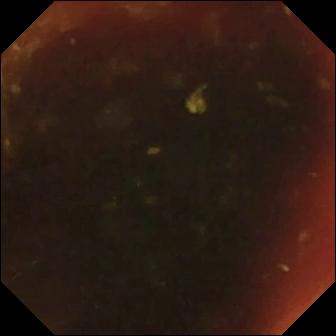- modality: VCE
- video segment: ileo-cecal valve region